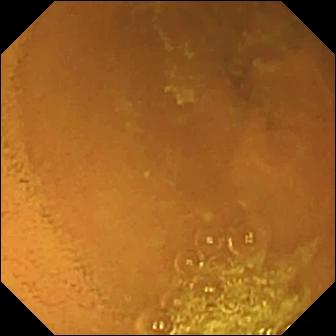Normal clean mucosa (336×336).